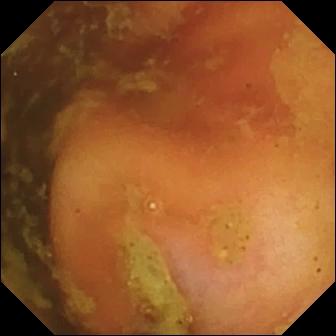This small-bowel capsule endoscopy image was taken in the ileo-cecal valve region (where the capsule passes from the small bowel into the large bowel).